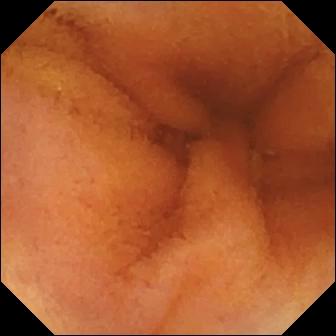modality: video capsule endoscopy; category: luminal finding; finding: normal clean mucosa